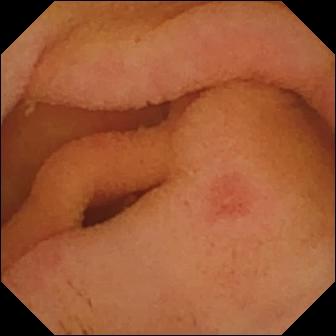Erosion.